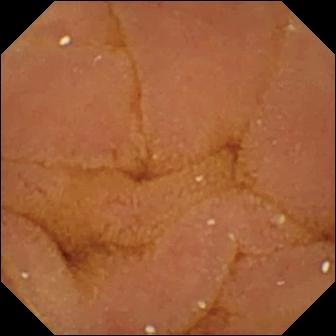Wireless capsule endoscopy — normal clean mucosa.